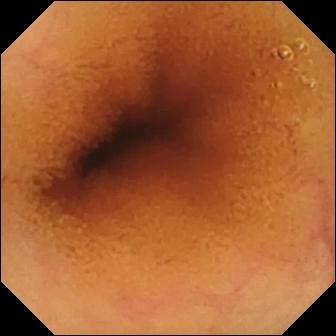Normal clean mucosa — wireless capsule endoscopy frame.